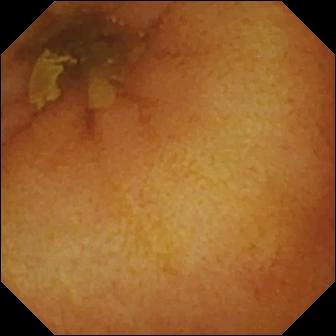Video capsule endoscopy — normal clean mucosa.